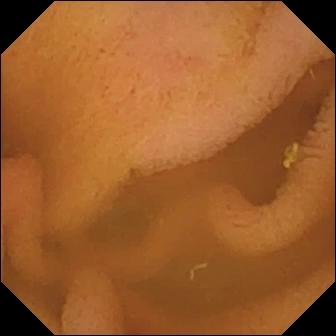PROCEDURE: Video capsule endoscopy.
FINDINGS: Normal clean mucosa.